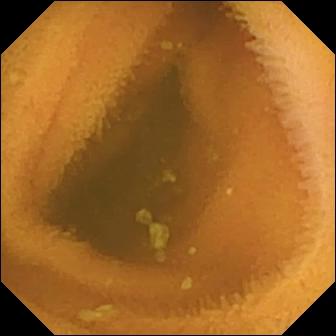WCE — normal clean mucosa.